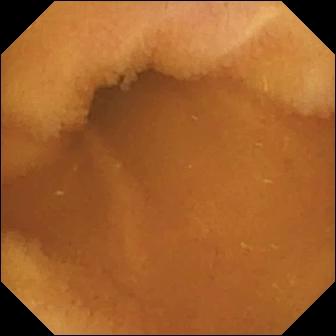modality: video capsule endoscopy; segment: small intestine; impression: normal clean mucosa